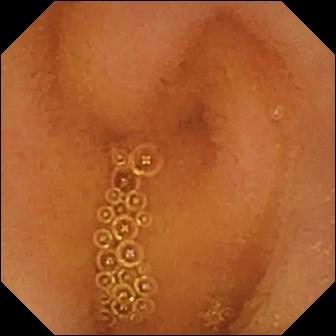Small-bowel capsule endoscopy frame, small intestine
Label: normal clean mucosa